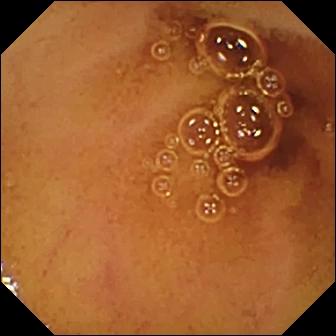modality: capsule endoscopy; observation: normal clean mucosa